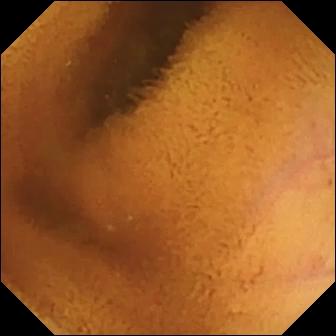{"modality": "video capsule endoscopy", "category": "luminal finding", "finding": "normal clean mucosa"}